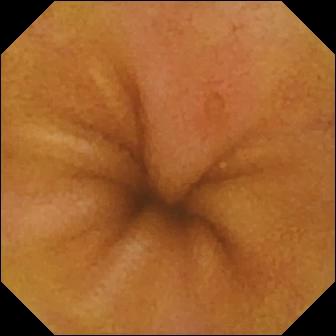This VCE snapshot shows erosion.